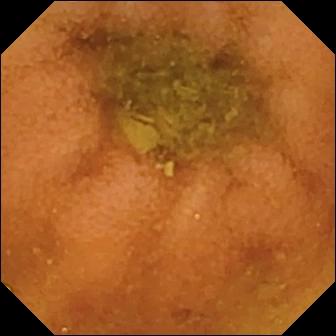Normal clean mucosa (336×336).